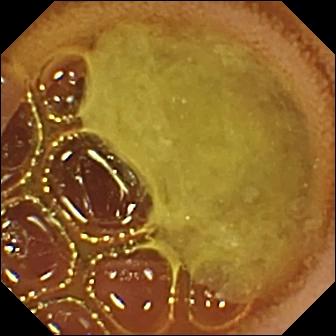- modality: VCE
- segment: small bowel
- label: normal clean mucosa